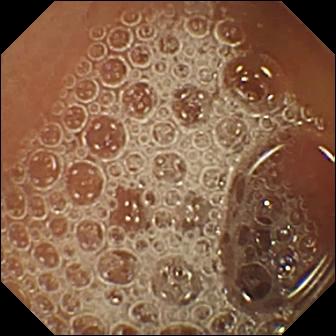Normal clean mucosa.